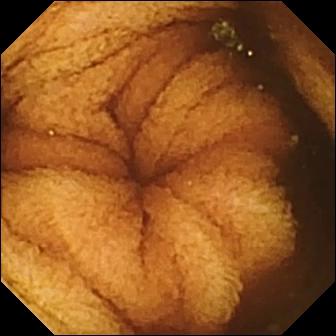Normal clean mucosa — WCE snapshot of the small intestine.